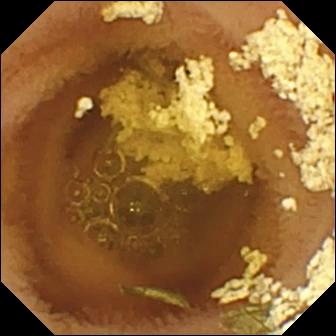modality: VCE | finding: normal clean mucosa